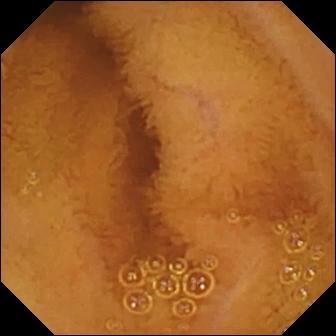Capsule endoscopy still, small bowel
Finding: normal clean mucosa